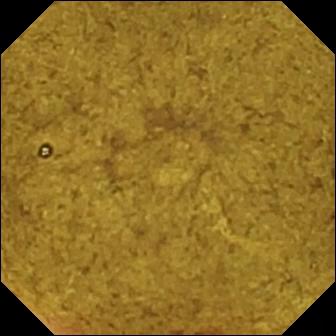- modality: WCE
- category: anatomical landmark
- location: ileo-cecal valve region